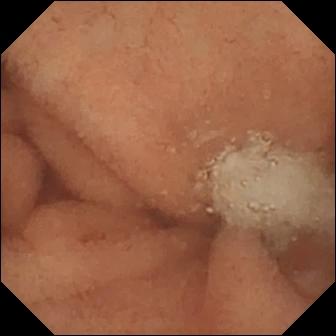PROCEDURE: VCE.
FINDINGS: Normal clean mucosa.